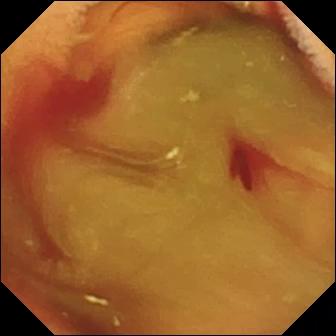{"modality": "capsule endoscopy", "finding": "fresh blood in the lumen"}